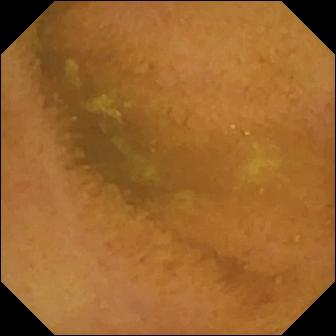modality: WCE; category: luminal finding; observation: normal clean mucosa